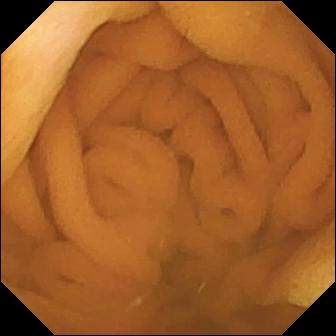Video capsule endoscopy. Small intestine. Observation: normal clean mucosa.